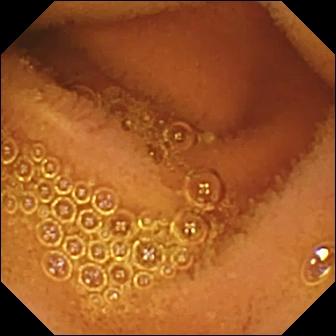Small-bowel capsule endoscopy snapshot, small bowel
Impression: normal clean mucosa